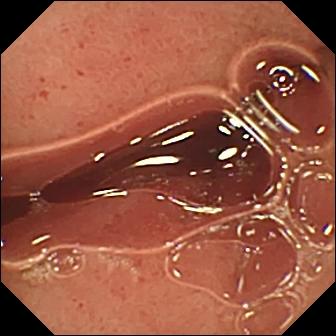Wireless capsule endoscopy view. Taken in the pylorus region (where the capsule passes from the stomach into the small bowel).